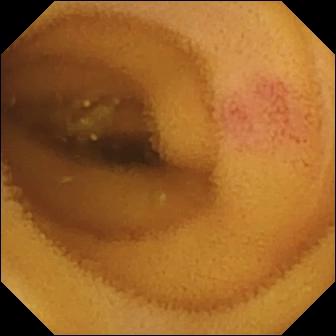Video capsule endoscopy. Finding: angiectasia.